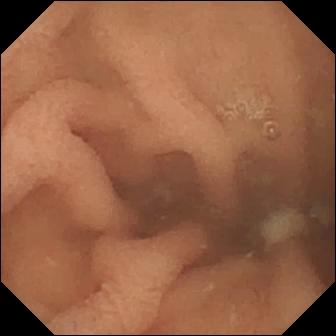Video capsule endoscopy — normal clean mucosa.